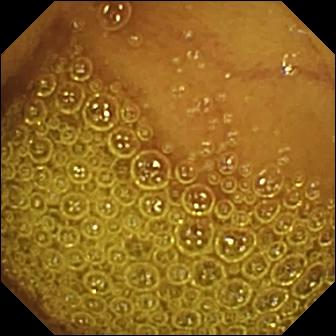Normal clean mucosa — wireless capsule endoscopy still of the small intestine.